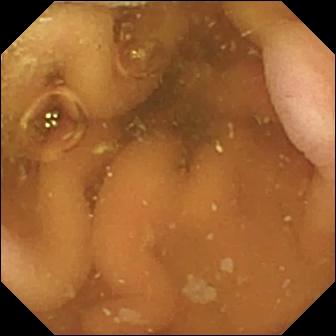Video capsule endoscopy view, 336×336. Taken in the pylorus region (where the capsule passes from the stomach into the small bowel).